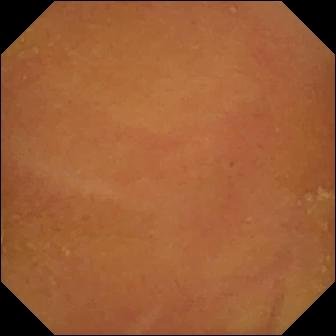WCE view of the small intestine showing normal clean mucosa.